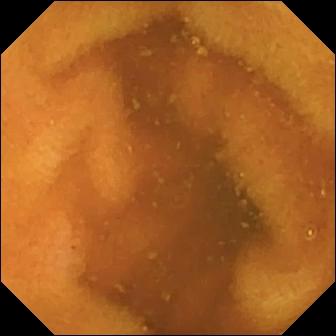Wireless capsule endoscopy snapshot, small bowel
Impression: normal clean mucosa